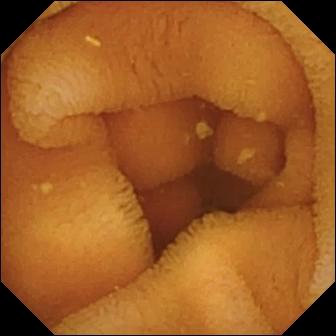Q: What does this video capsule endoscopy image of the small bowel show?
A: Normal clean mucosa.